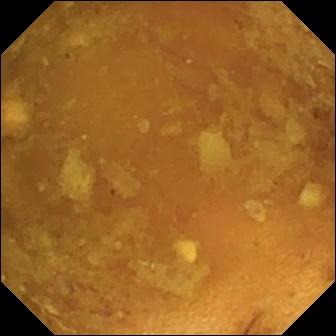{"modality": "small-bowel capsule endoscopy", "finding": "reduced mucosal view (content or bubbles obscuring the mucosa)"}